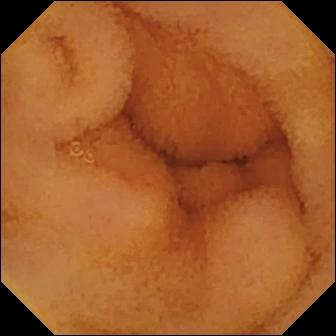This VCE frame shows normal clean mucosa.